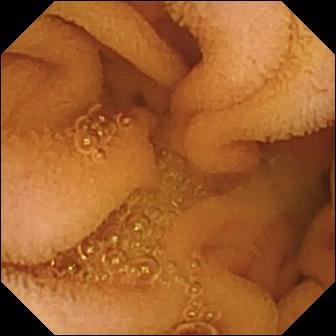Normal clean mucosa — video capsule endoscopy frame.